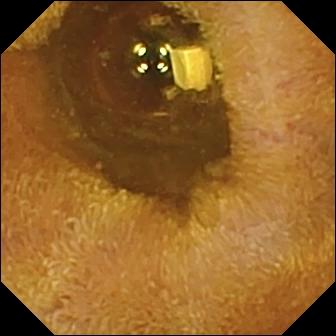VCE view. Foreign body (e.g. retained capsule, tablet residue).